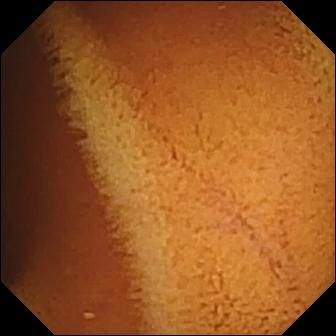Capsule endoscopy. Observation: normal clean mucosa.